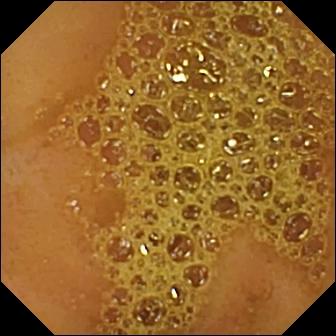Capsule endoscopy. Position: ileo-cecal valve region.